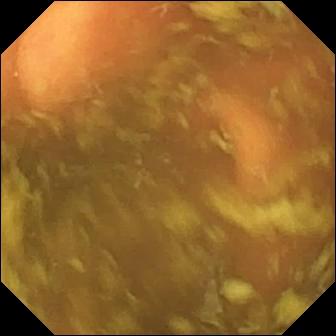VCE. Near an anatomical landmark. Position: ileo-cecal valve region (where the capsule passes from the small bowel into the large bowel).